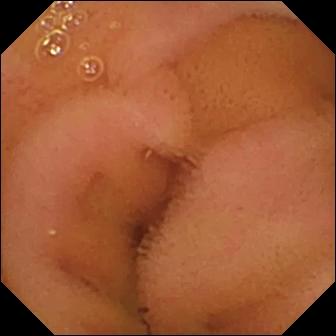Q: What does this wireless capsule endoscopy frame show?
A: Normal clean mucosa.